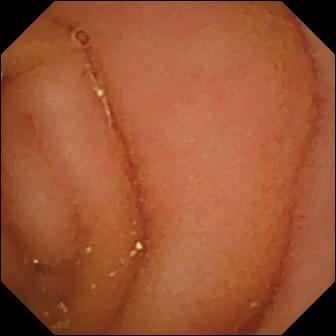VCE — normal clean mucosa.